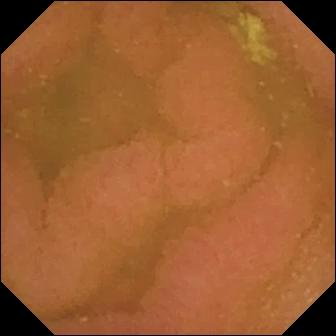modality: video capsule endoscopy | segment: small bowel | finding: normal clean mucosa